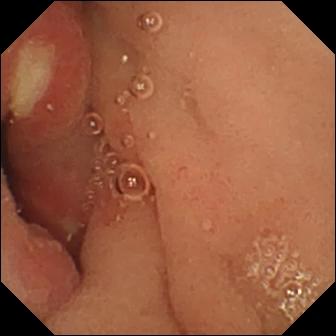PROCEDURE: Wireless capsule endoscopy.
FINDINGS: Ulcer.